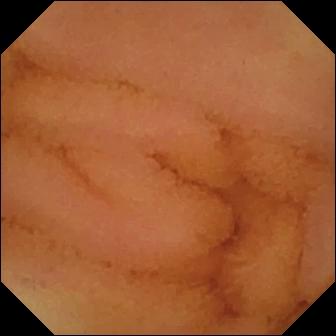PROCEDURE: Capsule endoscopy.
FINDINGS: Normal clean mucosa.